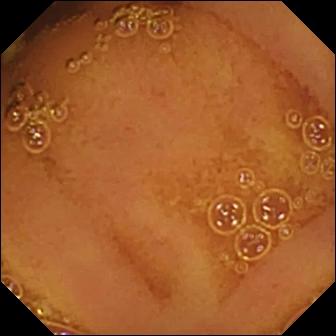modality: wireless capsule endoscopy | impression: normal clean mucosa